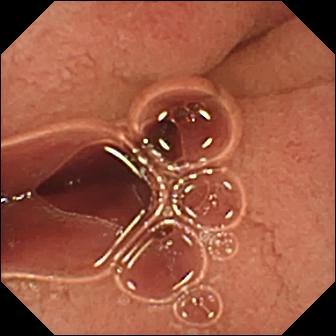Capsule endoscopy image
Location: pylorus region (the junction between the stomach and the small bowel)